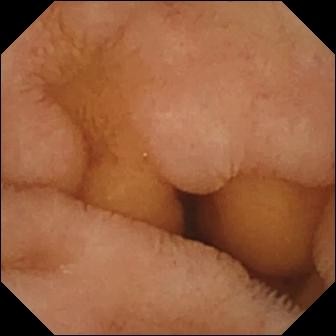PROCEDURE: Wireless capsule endoscopy.
SEGMENT: Small intestine.
FINDINGS: Normal clean mucosa.